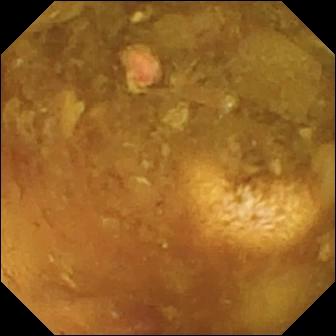modality: capsule endoscopy
segment: small bowel
impression: reduced mucosal view (content or bubbles obscuring the mucosa)